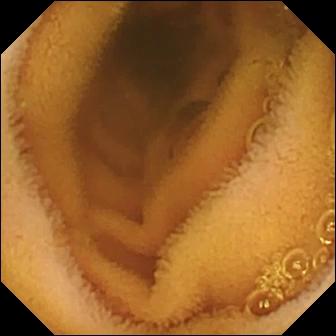This wireless capsule endoscopy snapshot of the small intestine shows normal clean mucosa.